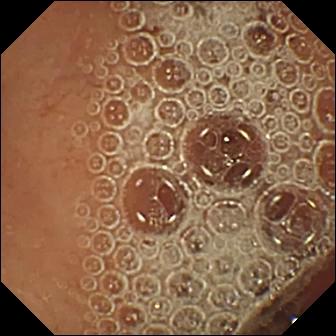VCE frame. Normal clean mucosa.